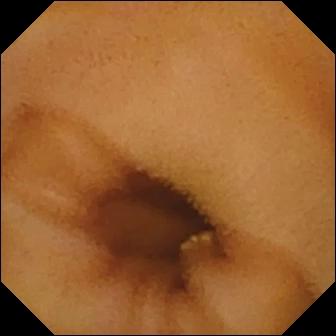Small-bowel capsule endoscopy — lymphangiectasia.